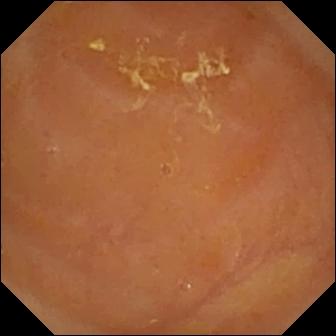Reduced mucosal view (content or bubbles obscuring the mucosa).